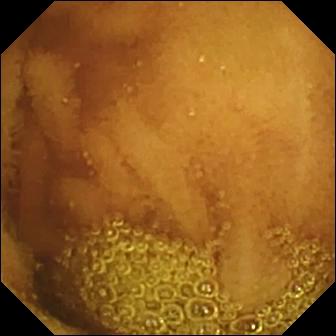Normal clean mucosa — WCE view of the small intestine.